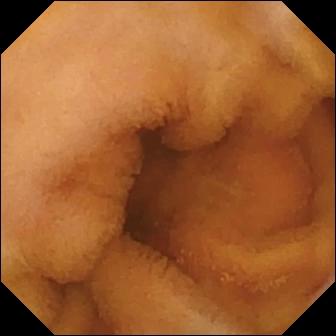- modality: small-bowel capsule endoscopy
- segment: small intestine
- impression: normal clean mucosa